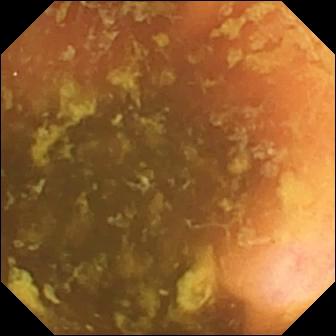- modality: VCE
- position: ileo-cecal valve region (the transition from the small bowel to the large bowel)